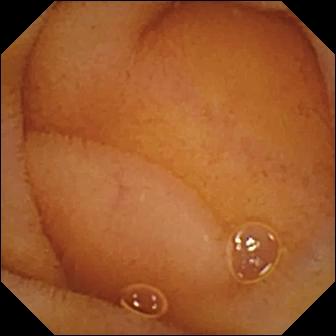VCE snapshot. Normal clean mucosa.